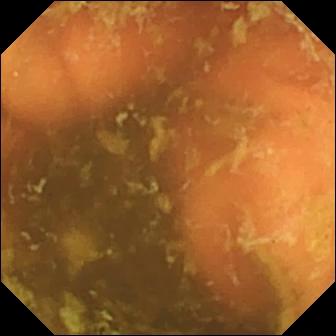modality: wireless capsule endoscopy | label: ileo-cecal valve region (the transition from the small bowel to the large bowel)